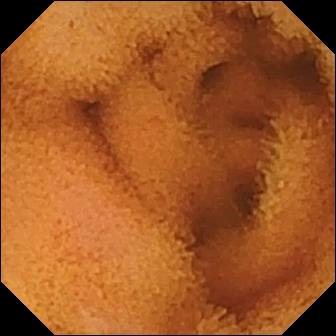Q: What does this VCE view show?
A: Normal clean mucosa.